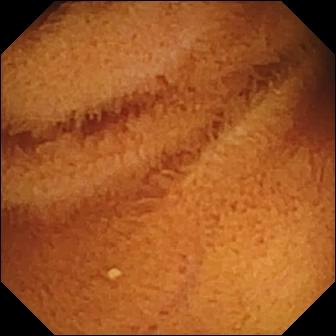Q: What does this small-bowel capsule endoscopy still of the small bowel show?
A: Normal clean mucosa.